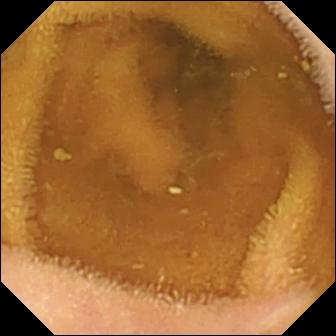PROCEDURE: Wireless capsule endoscopy.
SEGMENT: Small bowel.
FINDINGS: Normal clean mucosa.